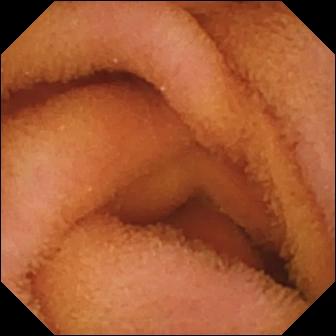VCE view showing normal clean mucosa.